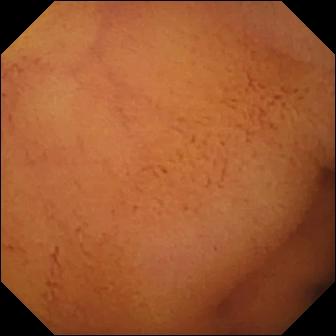VCE image, small intestine
Observation: normal clean mucosa